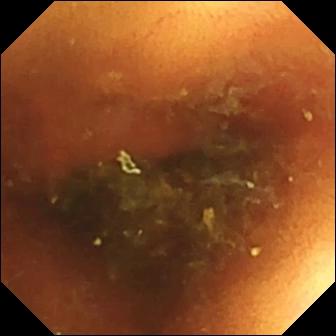- modality: small-bowel capsule endoscopy
- segment: small bowel
- category: luminal finding
- observation: normal clean mucosa